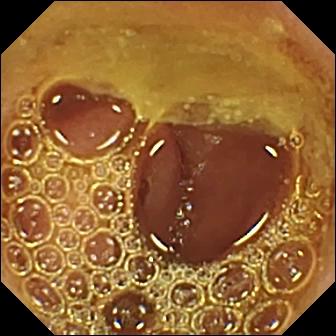Normal clean mucosa — small-bowel capsule endoscopy still.